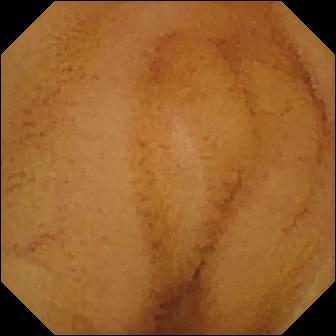Normal clean mucosa — wireless capsule endoscopy image.